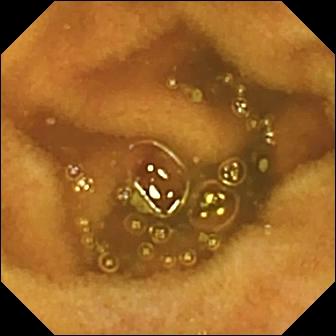Normal clean mucosa — VCE image.